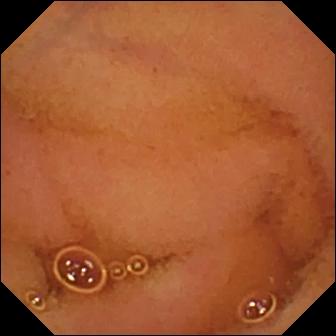Normal clean mucosa — video capsule endoscopy view of the small intestine.